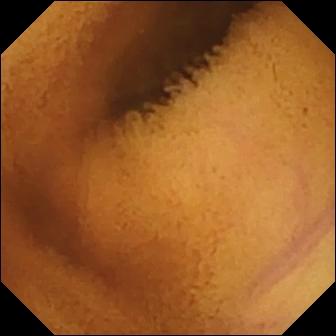Normal clean mucosa.